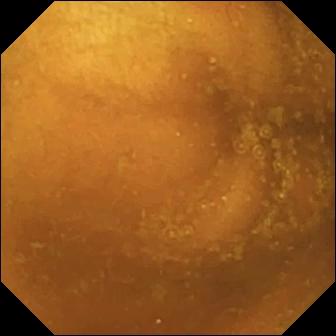modality: capsule endoscopy; segment: small intestine; observation: normal clean mucosa